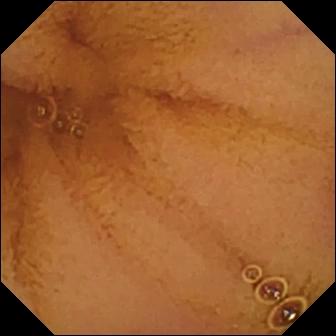Q: What does this video capsule endoscopy snapshot show?
A: Normal clean mucosa.